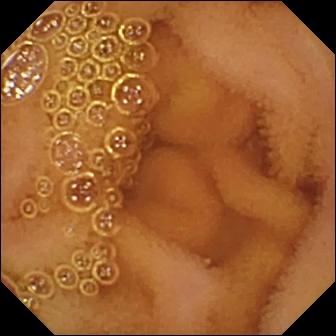modality: capsule endoscopy
segment: small bowel
category: luminal finding
label: normal clean mucosa